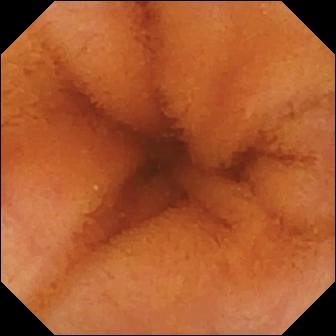Q: What does this video capsule endoscopy snapshot of the small bowel show?
A: Normal clean mucosa.